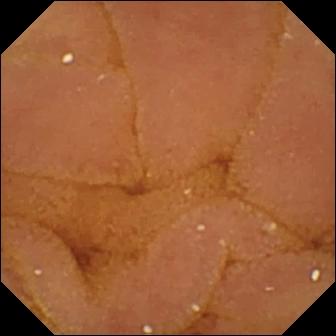Normal clean mucosa (336×336).